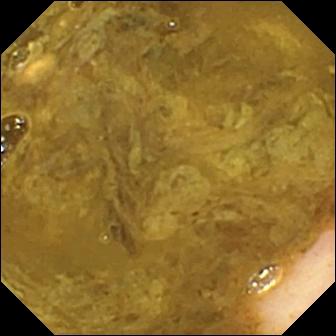{"modality": "small-bowel capsule endoscopy", "label": "ileo-cecal valve region (where the capsule passes from the small bowel into the large bowel)"}